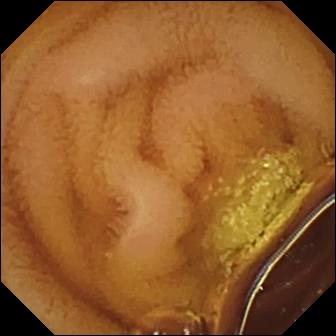Wireless capsule endoscopy still of the small bowel showing normal clean mucosa.